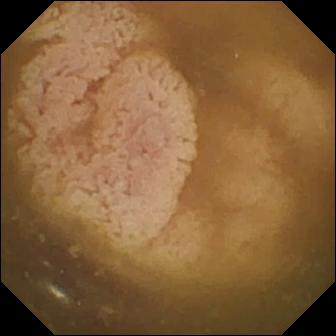{"modality": "small-bowel capsule endoscopy", "position": "ileo-cecal valve region"}